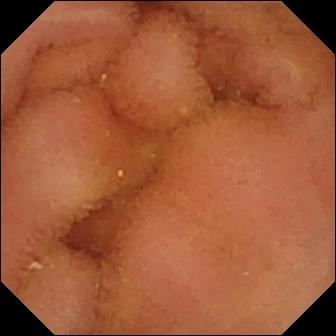Wireless capsule endoscopy snapshot
Observation: normal clean mucosa